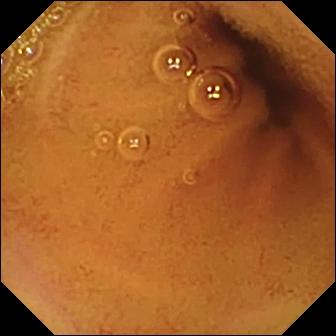Video capsule endoscopy view
Label: normal clean mucosa